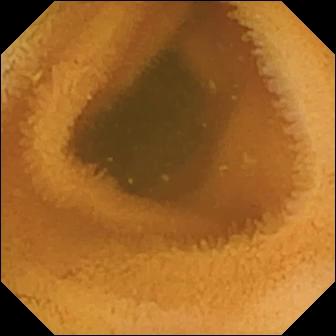Small-bowel capsule endoscopy still showing normal clean mucosa.